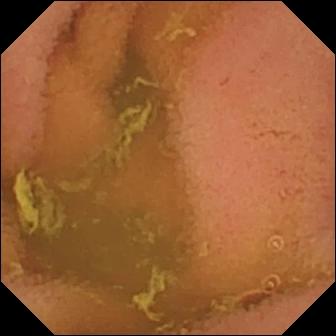modality: video capsule endoscopy | segment: small intestine | label: normal clean mucosa